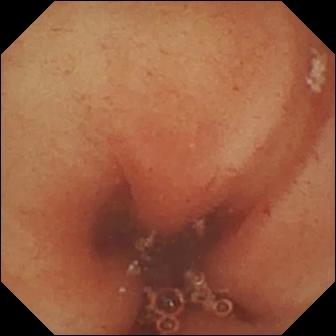VCE frame
Label: pylorus region